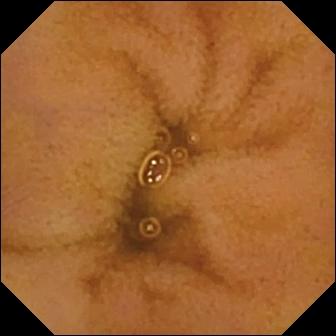This capsule endoscopy image shows normal clean mucosa.